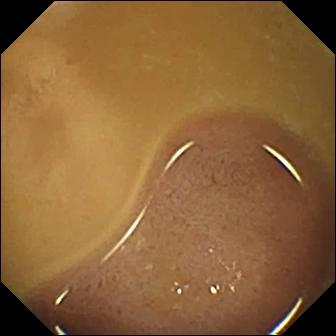Video capsule endoscopy snapshot taken in the ileo-cecal valve region.